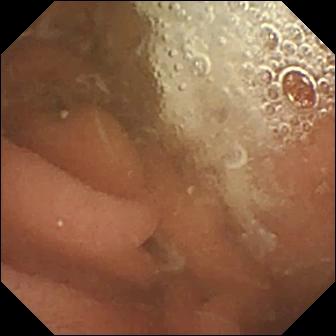This wireless capsule endoscopy still shows normal clean mucosa.